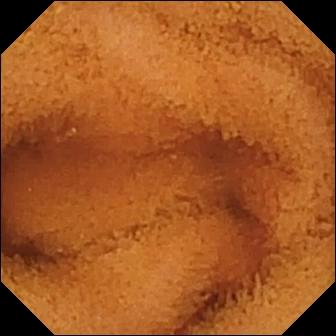WCE image. Normal clean mucosa.